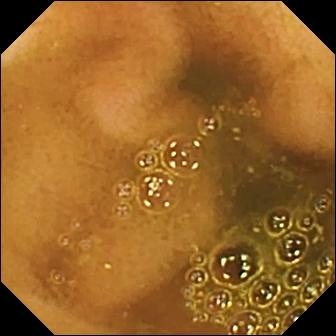Ileo-cecal valve region, 336×336.